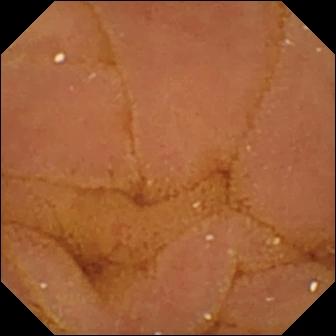This VCE still of the small bowel shows normal clean mucosa.